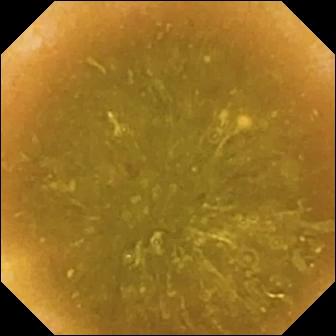{"modality": "WCE", "video_segment": "ileo-cecal valve region"}